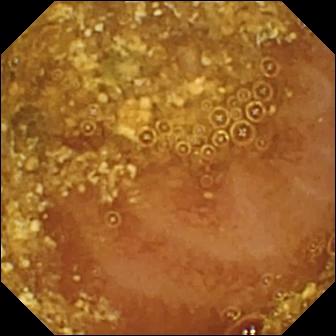- modality: wireless capsule endoscopy
- category: luminal finding
- impression: reduced mucosal view (content or bubbles obscuring the mucosa)